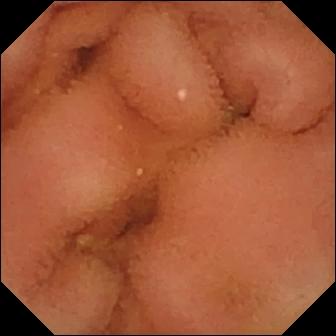{"modality": "wireless capsule endoscopy", "finding": "normal clean mucosa"}